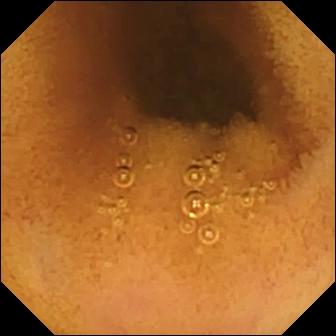modality: video capsule endoscopy
segment: small bowel
category: luminal finding
finding: normal clean mucosa